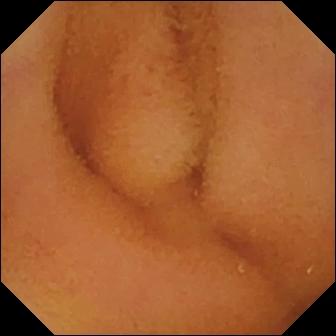modality: VCE
segment: small intestine
impression: normal clean mucosa